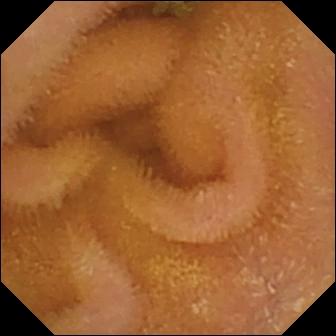- modality: video capsule endoscopy
- segment: small bowel
- finding: normal clean mucosa